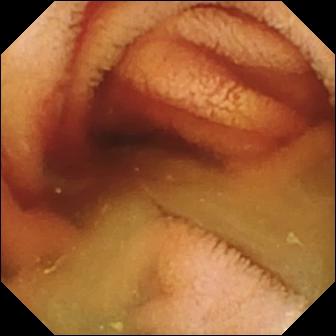PROCEDURE: Video capsule endoscopy.
FINDINGS: Fresh blood in the lumen.